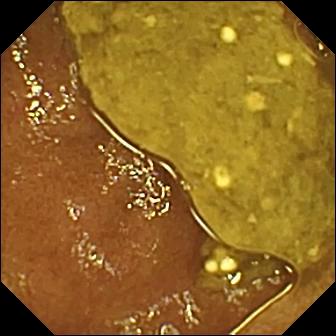Q: Where in the digestive tract was this wireless capsule endoscopy frame taken?
A: Ileo-cecal valve region (where the capsule passes from the small bowel into the large bowel).